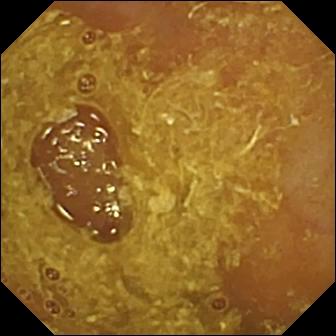Wireless capsule endoscopy frame (small intestine), 336×336. Reduced mucosal view (content or bubbles obscuring the mucosa).